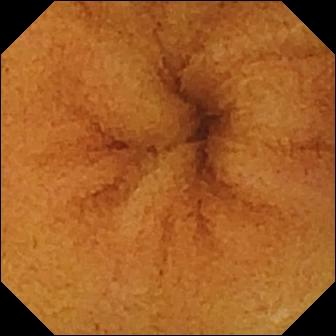Wireless capsule endoscopy — normal clean mucosa.